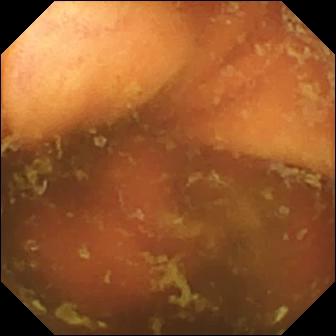Wireless capsule endoscopy view
Label: ileo-cecal valve region (the transition from the small bowel to the large bowel)